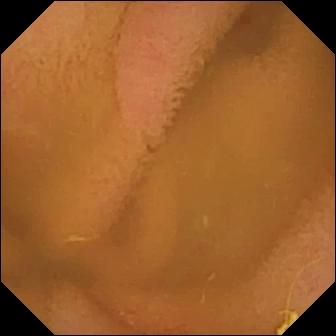Capsule endoscopy snapshot of the small bowel showing normal clean mucosa.